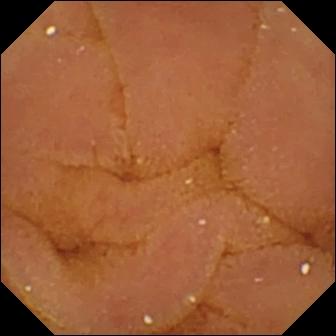Normal clean mucosa — WCE still of the small bowel.